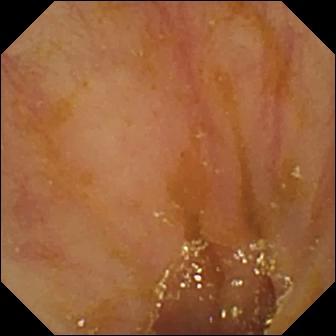Ileo-cecal valve region (where the capsule passes from the small bowel into the large bowel) — wireless capsule endoscopy image.